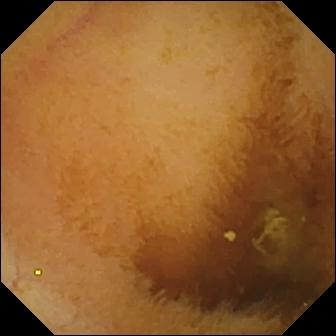Q: What does this capsule endoscopy still show?
A: Normal clean mucosa.